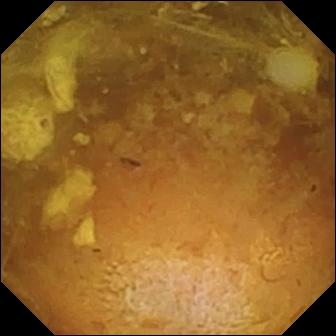PROCEDURE: WCE.
FINDINGS: Reduced mucosal view (content or bubbles obscuring the mucosa).